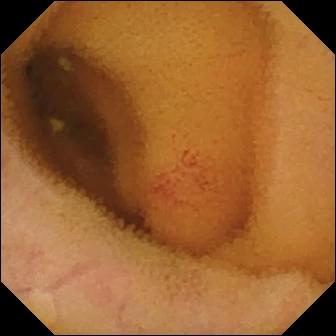Angiectasia.